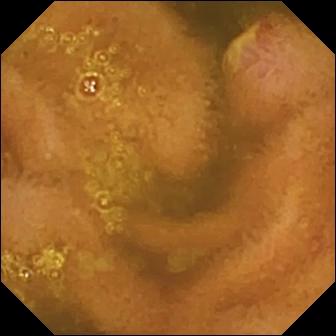PROCEDURE: Video capsule endoscopy.
FINDINGS: Ulcer.